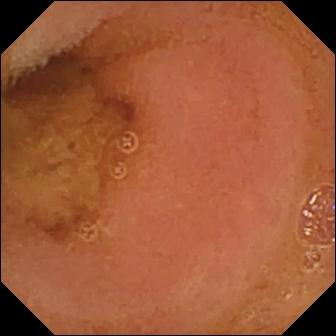{"modality": "wireless capsule endoscopy", "segment": "small intestine", "finding": "normal clean mucosa"}